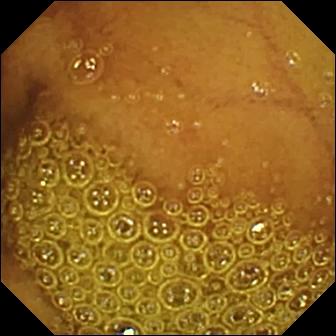VCE — normal clean mucosa.